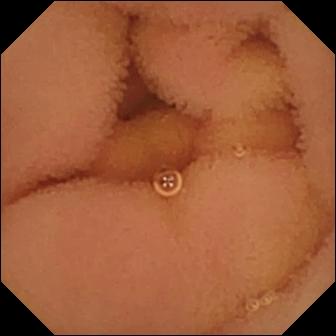Normal clean mucosa (336×336).